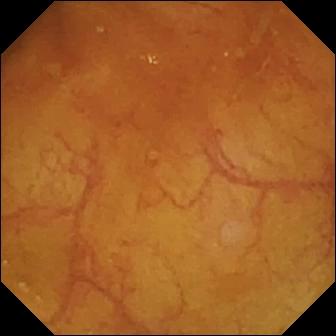{"modality": "video capsule endoscopy", "video_segment": "ileo-cecal valve region (the transition from the small bowel to the large bowel)"}